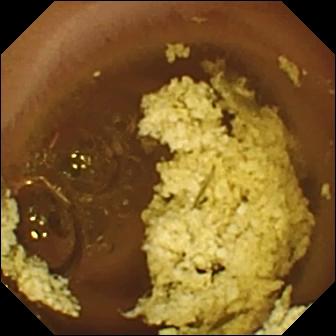Wireless capsule endoscopy. Label: normal clean mucosa.